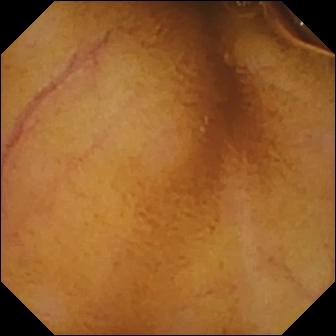Normal clean mucosa (336×336).